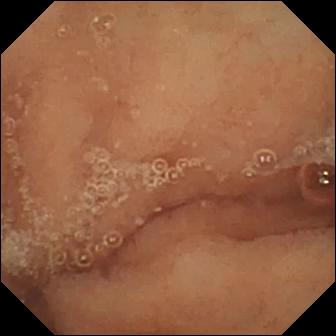This VCE view shows normal clean mucosa.